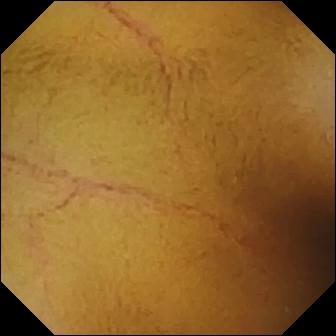Small-bowel capsule endoscopy snapshot of the small intestine showing normal clean mucosa.